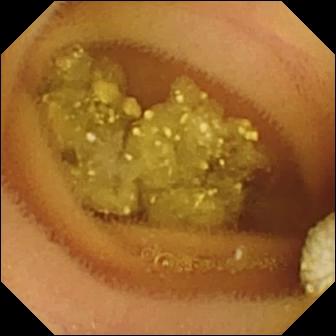Video capsule endoscopy — lymphangiectasia.